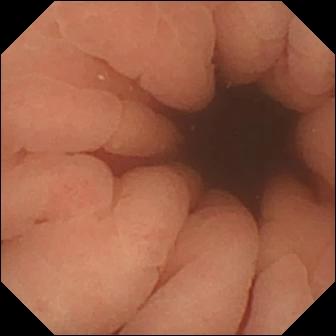VCE. Video segment: pylorus region (where the capsule passes from the stomach into the small bowel).